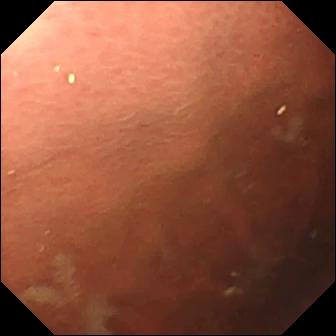{"modality": "capsule endoscopy", "position": "pylorus region"}